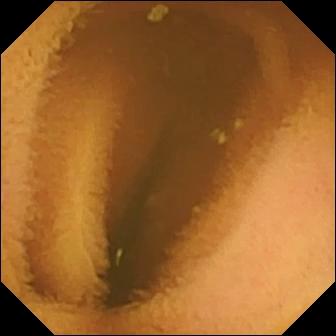- modality: VCE
- segment: small intestine
- impression: normal clean mucosa